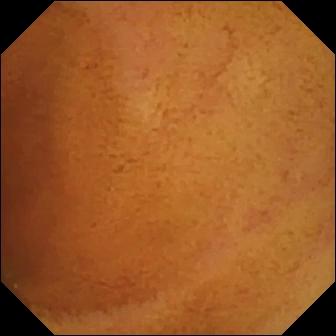WCE frame, small bowel
Observation: normal clean mucosa